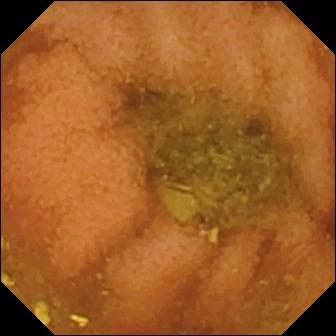Wireless capsule endoscopy — normal clean mucosa.